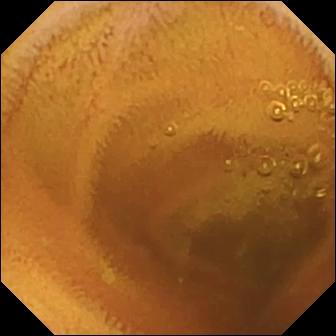Normal clean mucosa — capsule endoscopy frame.